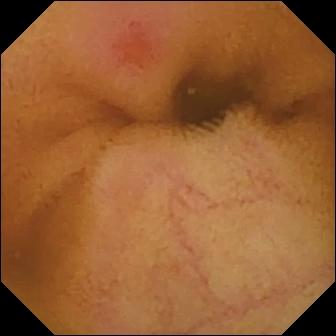Erythema (mucosal redness) — video capsule endoscopy view.